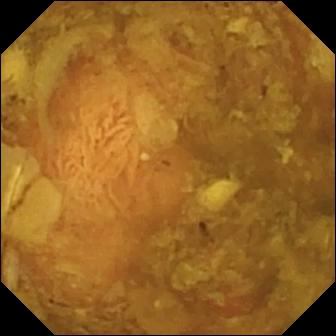Q: What does this small-bowel capsule endoscopy view show?
A: Reduced mucosal view (content or bubbles obscuring the mucosa).